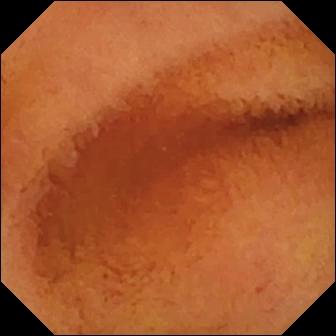PROCEDURE: Small-bowel capsule endoscopy.
SEGMENT: Small bowel.
FINDINGS: Normal clean mucosa.